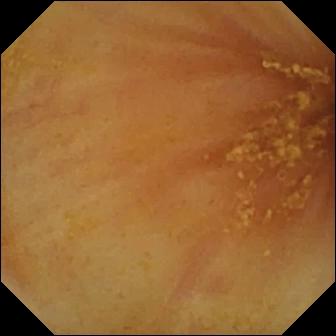PROCEDURE: Capsule endoscopy.
POSITION: Ileo-cecal valve region (where the capsule passes from the small bowel into the large bowel).